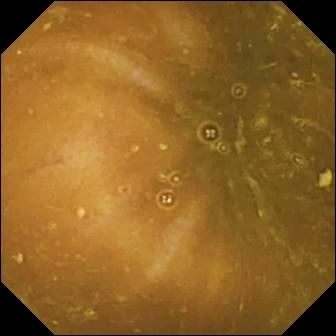Reduced mucosal view (content or bubbles obscuring the mucosa).